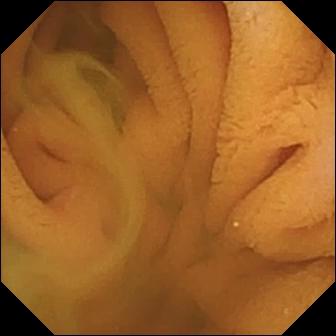Q: What does this WCE snapshot show?
A: Normal clean mucosa.